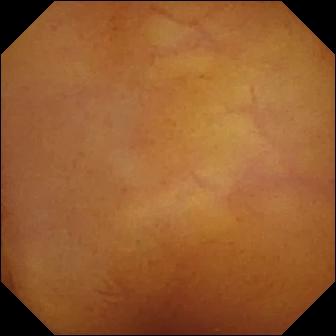modality: video capsule endoscopy; label: normal clean mucosa